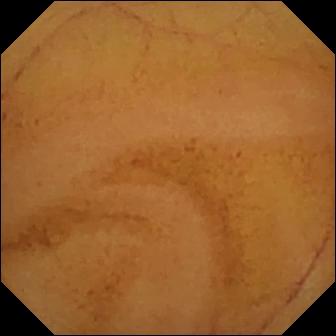Capsule endoscopy. Luminal finding. Finding: normal clean mucosa.